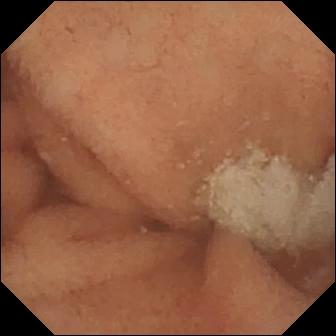Normal clean mucosa — capsule endoscopy image of the small bowel.